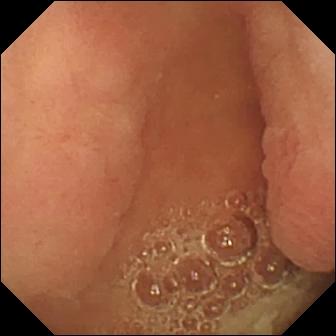Small-bowel capsule endoscopy snapshot taken in the pylorus region (where the capsule passes from the stomach into the small bowel).